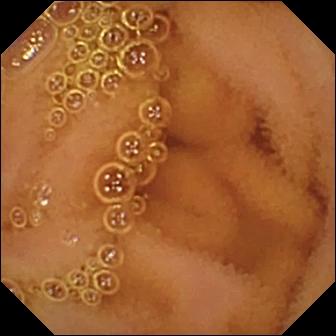Q: What does this WCE still show?
A: Normal clean mucosa.